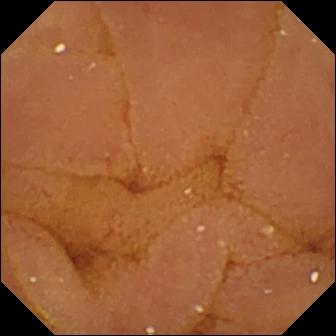{"modality": "capsule endoscopy", "finding": "normal clean mucosa"}